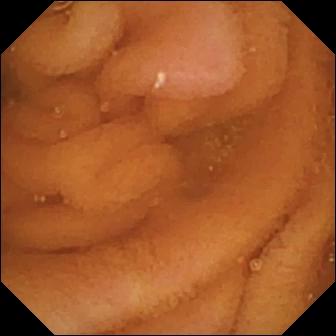- modality: small-bowel capsule endoscopy
- category: luminal finding
- observation: normal clean mucosa